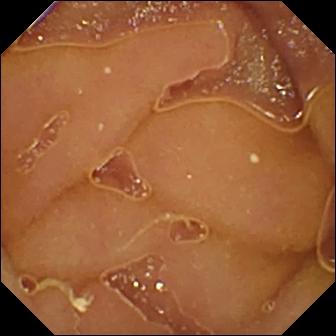modality: small-bowel capsule endoscopy
segment: small bowel
label: normal clean mucosa